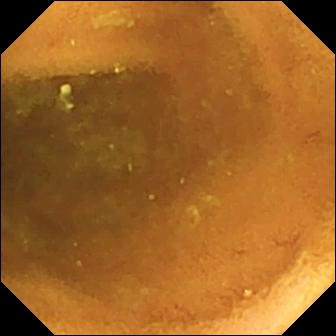Capsule endoscopy still. Normal clean mucosa.